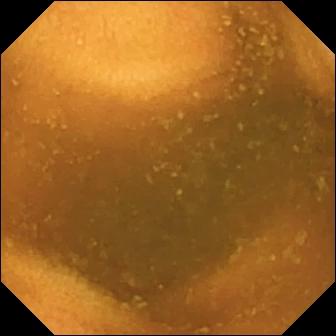Normal clean mucosa.